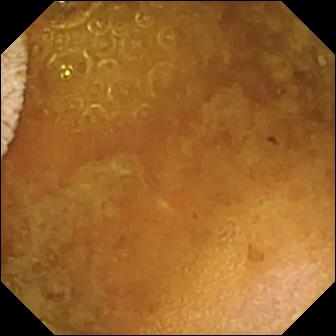VCE snapshot, small intestine
Impression: reduced mucosal view (content or bubbles obscuring the mucosa)